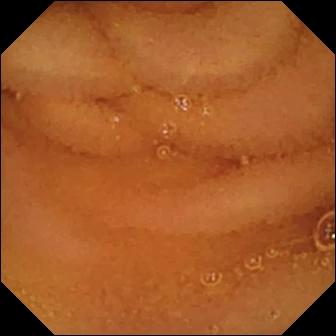Video capsule endoscopy view of the small intestine showing normal clean mucosa.